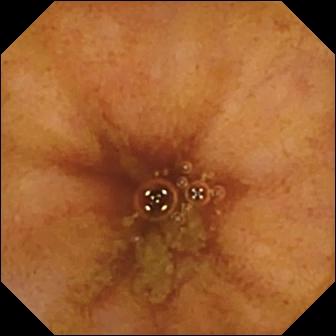modality: video capsule endoscopy; video segment: ileo-cecal valve region (the transition from the small bowel to the large bowel)